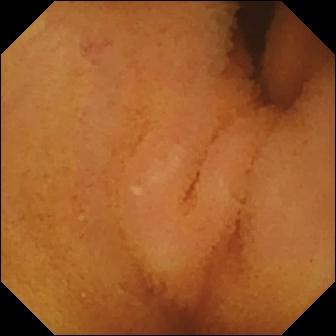Normal clean mucosa — video capsule endoscopy snapshot of the small intestine.